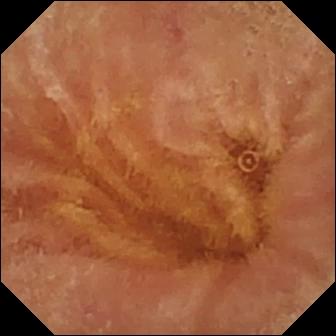- modality: small-bowel capsule endoscopy
- label: normal clean mucosa